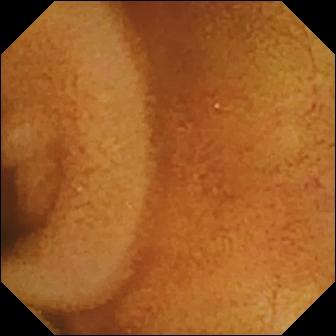Wireless capsule endoscopy — normal clean mucosa.